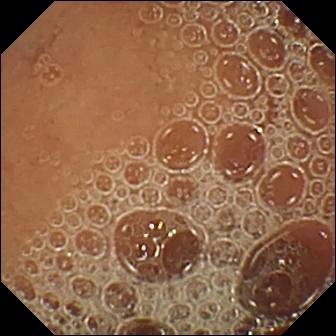PROCEDURE: Small-bowel capsule endoscopy.
FINDINGS: Normal clean mucosa.